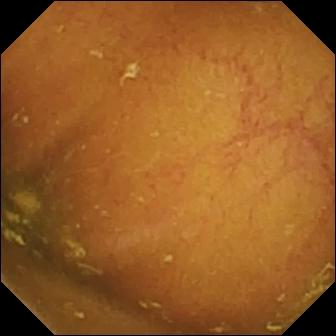PROCEDURE: VCE.
LABEL: Ileo-cecal valve region (the transition from the small bowel to the large bowel).